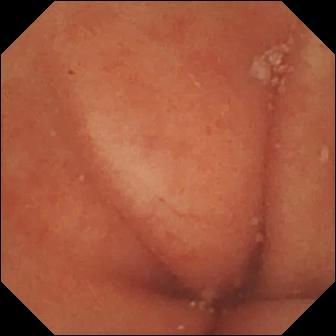PROCEDURE: WCE.
VIDEO SEGMENT: Pylorus region.